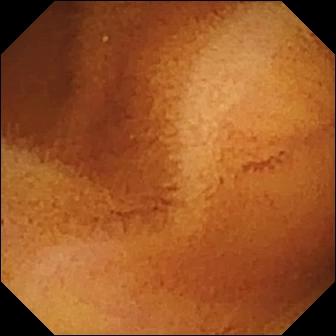Small-bowel capsule endoscopy — normal clean mucosa.